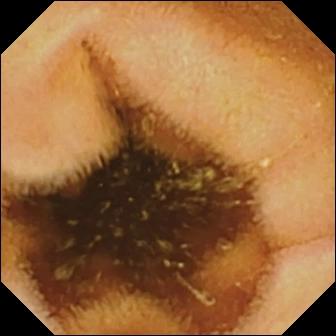Small-bowel capsule endoscopy still (small intestine). Normal clean mucosa.